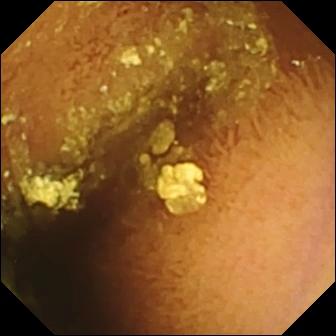Wireless capsule endoscopy — normal clean mucosa.